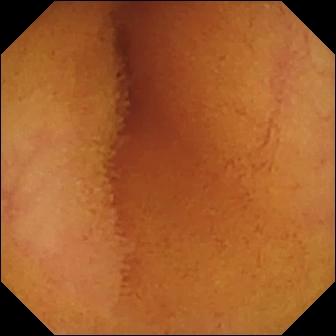Wireless capsule endoscopy — normal clean mucosa.